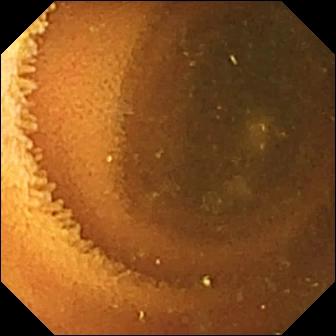Q: What does this WCE snapshot of the small bowel show?
A: Normal clean mucosa.